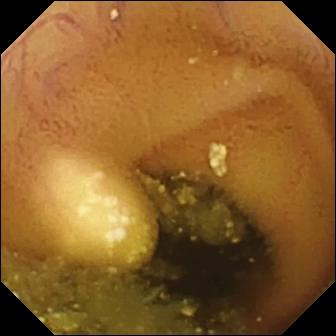Q: What does this VCE image show?
A: Lymphangiectasia.